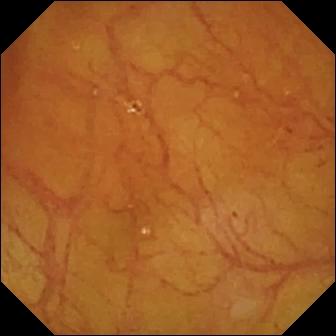This video capsule endoscopy snapshot was taken in the ileo-cecal valve region (where the capsule passes from the small bowel into the large bowel).